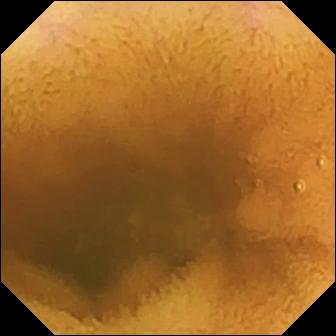modality: VCE | finding: normal clean mucosa